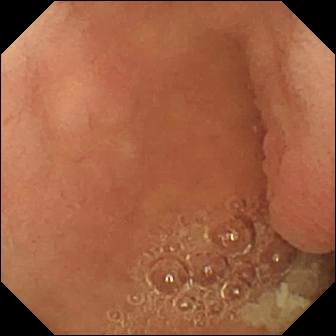- modality: small-bowel capsule endoscopy
- video segment: pylorus region (the junction between the stomach and the small bowel)